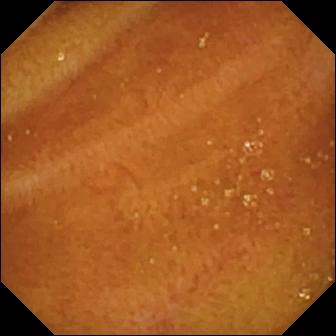- modality: small-bowel capsule endoscopy
- impression: normal clean mucosa